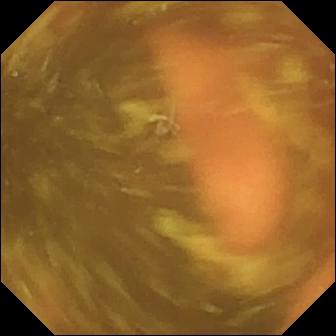WCE snapshot taken in the ileo-cecal valve region (the transition from the small bowel to the large bowel).